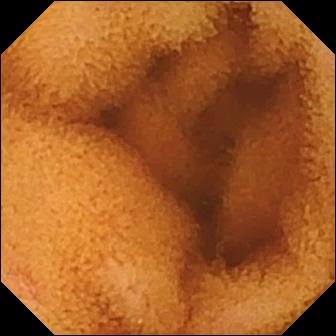VCE. Finding: normal clean mucosa.